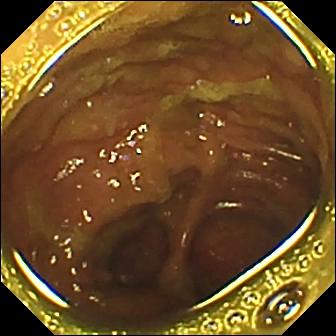Small-bowel capsule endoscopy frame
Label: ileo-cecal valve region (the transition from the small bowel to the large bowel)